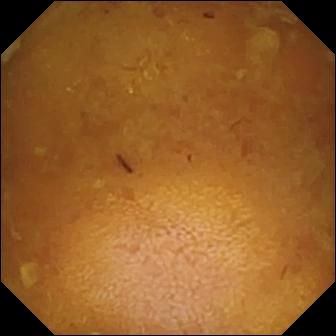Small-bowel capsule endoscopy — reduced mucosal view (content or bubbles obscuring the mucosa).